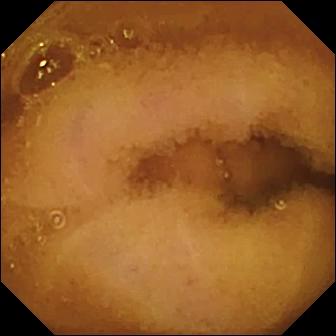This video capsule endoscopy image of the small intestine shows normal clean mucosa.